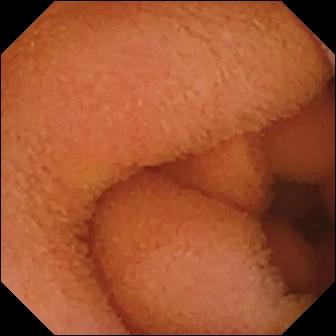Q: What does this WCE still of the small intestine show?
A: Normal clean mucosa.